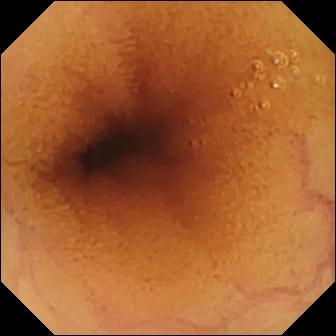modality: video capsule endoscopy | segment: small intestine | impression: normal clean mucosa